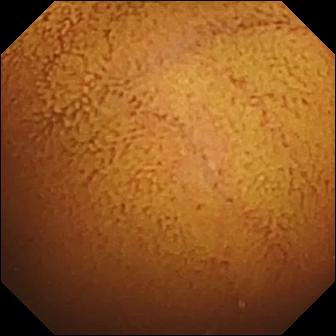Wireless capsule endoscopy. Impression: normal clean mucosa.